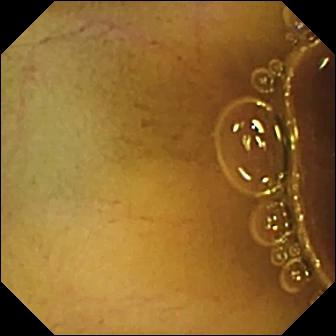This capsule endoscopy image shows normal clean mucosa.